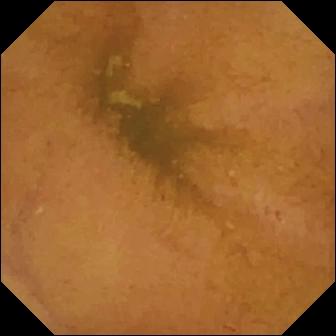This wireless capsule endoscopy snapshot shows normal clean mucosa.